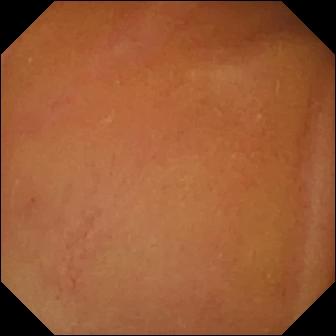Normal clean mucosa — wireless capsule endoscopy image.